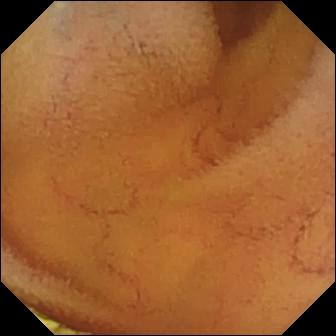WCE — normal clean mucosa.